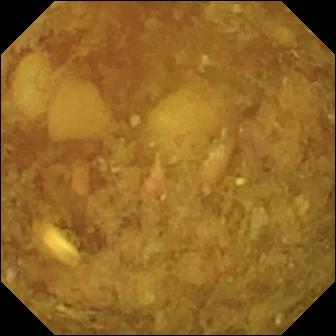PROCEDURE: Wireless capsule endoscopy.
SEGMENT: Small intestine.
FINDINGS: Reduced mucosal view (content or bubbles obscuring the mucosa).